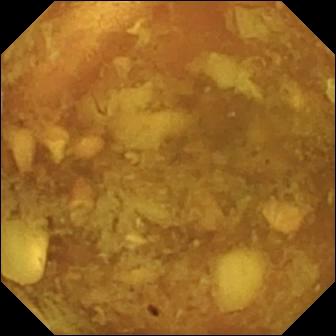VCE image (small intestine). Reduced mucosal view (content or bubbles obscuring the mucosa).